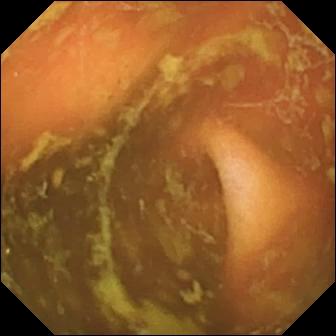This wireless capsule endoscopy image was taken in the ileo-cecal valve region (where the capsule passes from the small bowel into the large bowel).